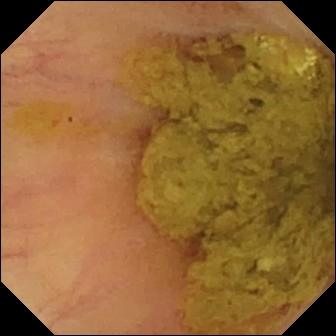- modality: capsule endoscopy
- category: anatomical landmark
- position: ileo-cecal valve region (where the capsule passes from the small bowel into the large bowel)